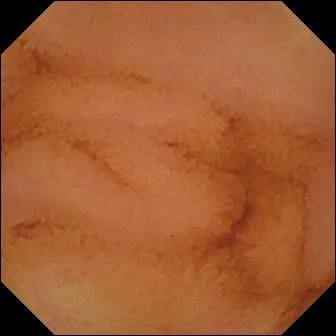Wireless capsule endoscopy still (small intestine), 336×336. Normal clean mucosa.